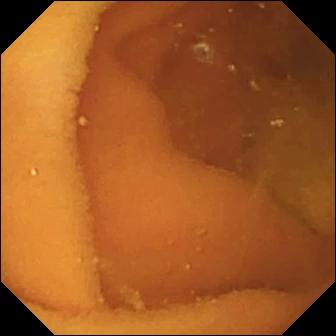Small-bowel capsule endoscopy — normal clean mucosa.